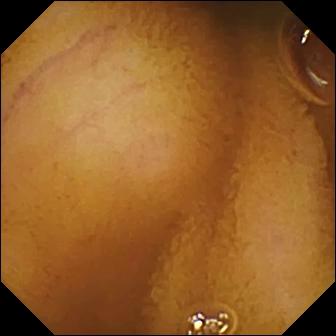This WCE image of the small intestine shows normal clean mucosa.